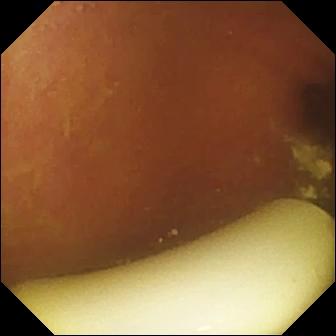WCE frame
Impression: foreign body (e.g. retained capsule, tablet residue)